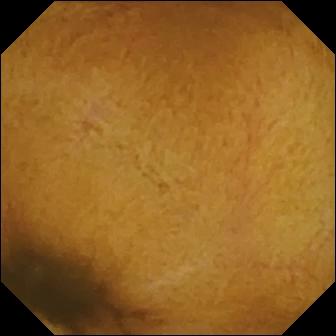Normal clean mucosa — capsule endoscopy view of the small intestine.